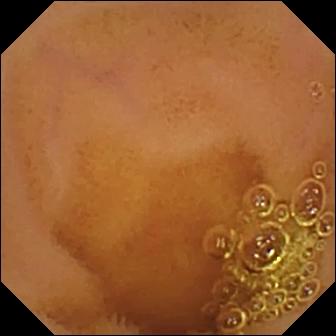Capsule endoscopy — normal clean mucosa.